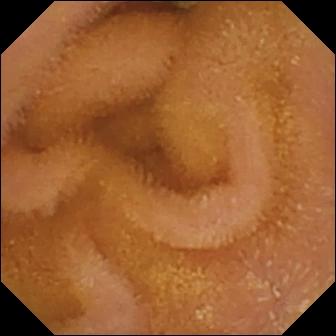PROCEDURE: Wireless capsule endoscopy.
SEGMENT: Small intestine.
FINDINGS: Normal clean mucosa.